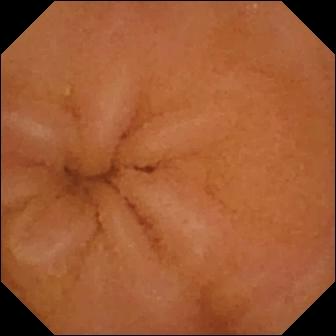Capsule endoscopy. Finding: normal clean mucosa.